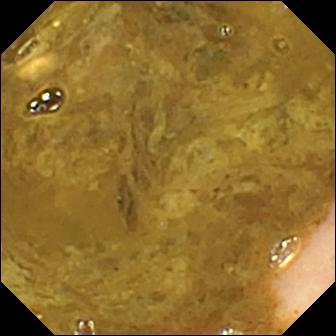Ileo-cecal valve region (the transition from the small bowel to the large bowel) — small-bowel capsule endoscopy still.